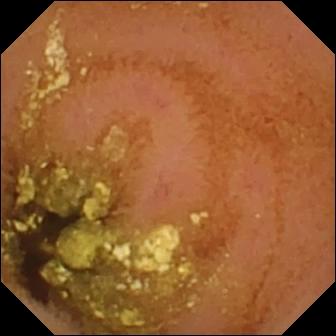Small-bowel capsule endoscopy. Small bowel. Observation: normal clean mucosa.